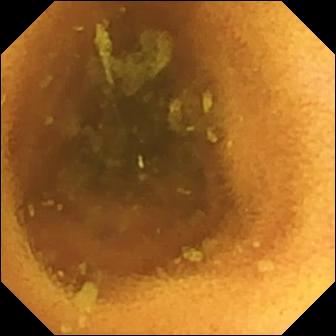Wireless capsule endoscopy snapshot, small intestine
Observation: normal clean mucosa